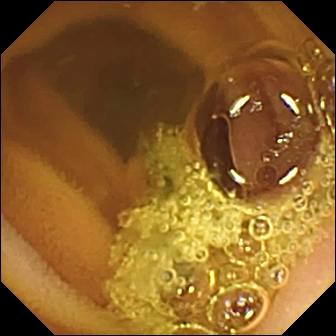- modality: VCE
- category: luminal finding
- finding: normal clean mucosa